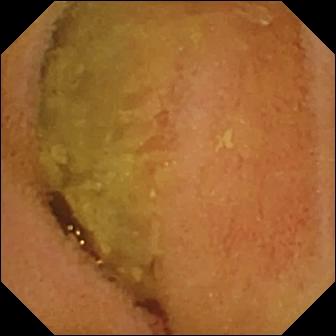{"modality": "capsule endoscopy", "segment": "small intestine", "finding": "normal clean mucosa"}